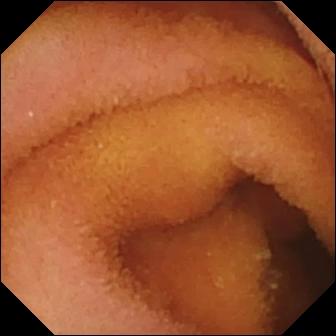Capsule endoscopy. Small bowel. Luminal finding. Finding: normal clean mucosa.